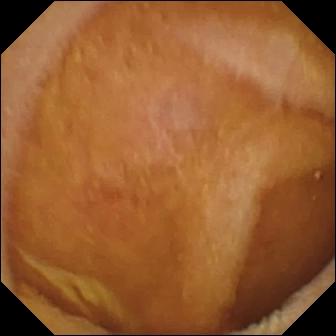{"modality": "video capsule endoscopy", "finding": "normal clean mucosa"}